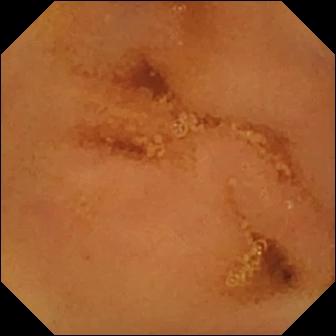Normal clean mucosa — VCE view.